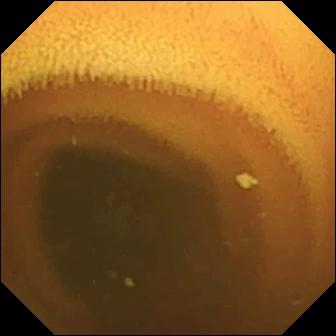Q: What does this wireless capsule endoscopy view of the small bowel show?
A: Normal clean mucosa.